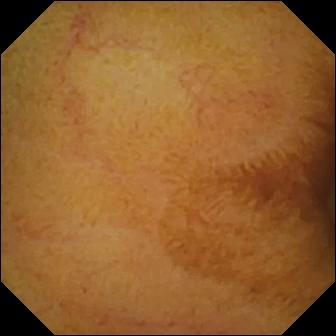Video capsule endoscopy frame, 336×336. Normal clean mucosa.